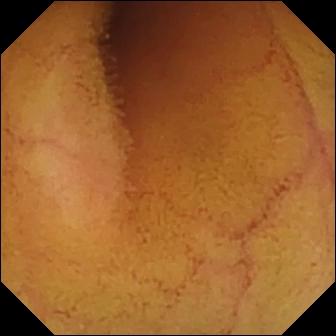Normal clean mucosa.